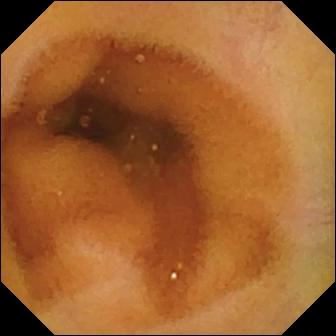{"modality": "capsule endoscopy", "segment": "small bowel", "category": "luminal finding", "finding": "normal clean mucosa"}